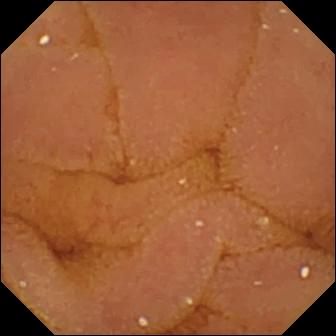Small-bowel capsule endoscopy. Small intestine. Luminal finding. Impression: normal clean mucosa.